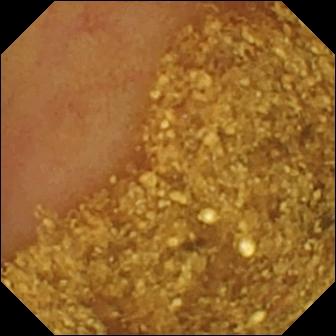WCE still taken in the ileo-cecal valve region (the transition from the small bowel to the large bowel).